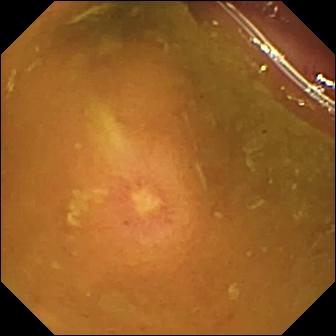- modality: WCE
- label: ulcer